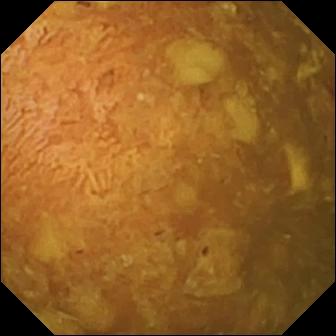Video capsule endoscopy. Small bowel. Luminal finding. Observation: reduced mucosal view (content or bubbles obscuring the mucosa).